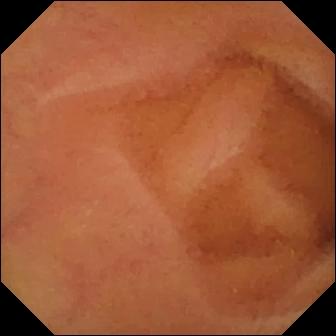Wireless capsule endoscopy view of the small bowel showing normal clean mucosa.